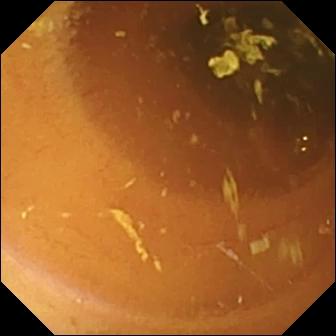Normal clean mucosa.